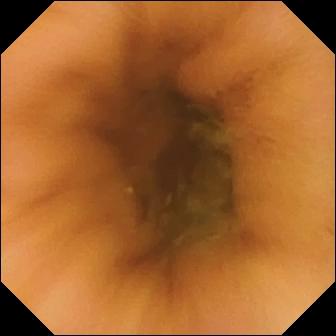- modality: wireless capsule endoscopy
- segment: small intestine
- category: luminal finding
- finding: normal clean mucosa